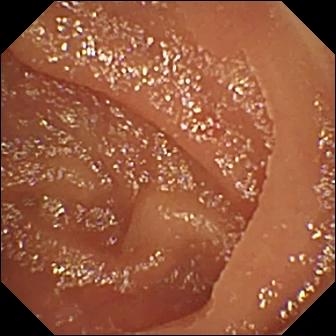Angiectasia — VCE snapshot.